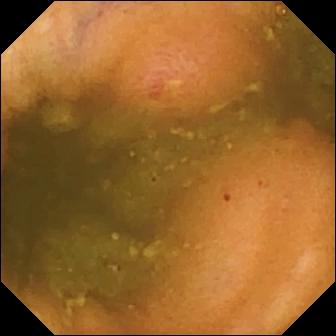PROCEDURE: VCE.
FINDINGS: Erosion.